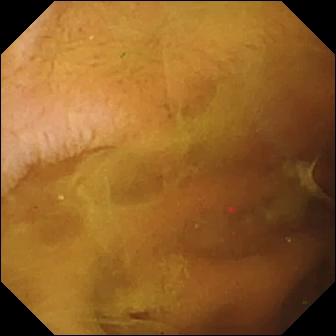modality: capsule endoscopy | impression: normal clean mucosa